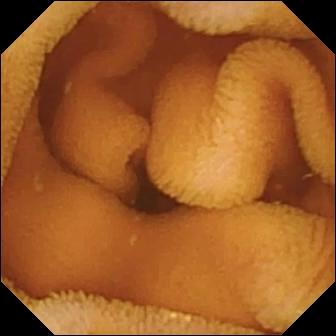Normal clean mucosa.